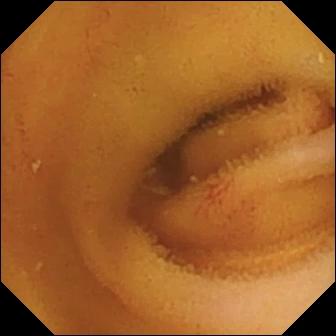This wireless capsule endoscopy view shows angiectasia.